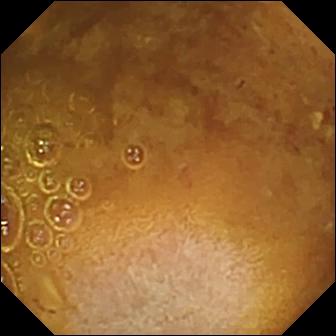{"modality": "small-bowel capsule endoscopy", "segment": "small intestine", "finding": "reduced mucosal view (content or bubbles obscuring the mucosa)"}